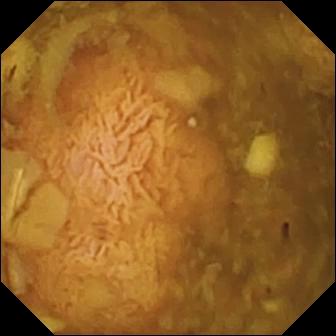Video capsule endoscopy still (small intestine). Reduced mucosal view (content or bubbles obscuring the mucosa).